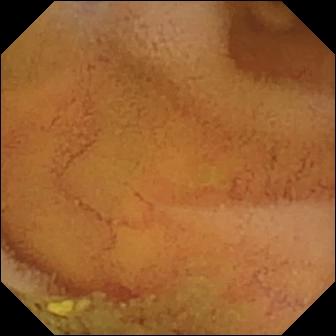VCE — normal clean mucosa.